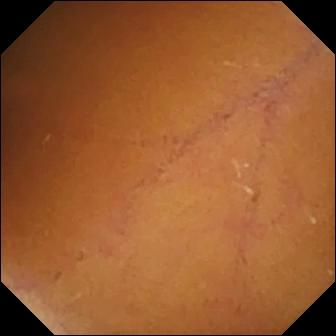Normal clean mucosa.